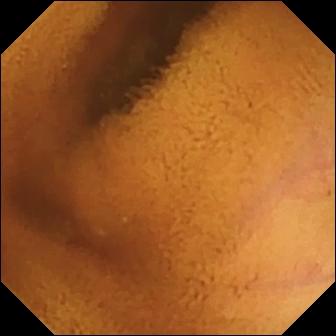VCE still (small intestine). Normal clean mucosa.